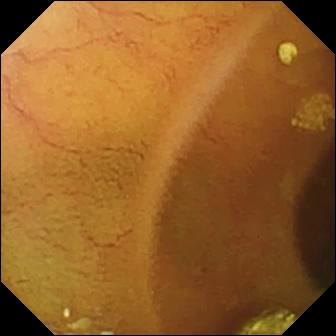Capsule endoscopy view. Lymphangiectasia.